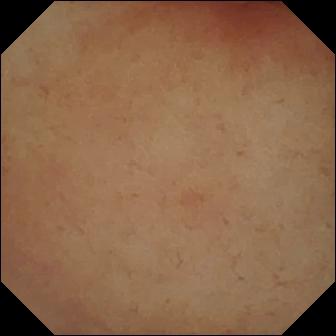Small-bowel capsule endoscopy image, 336×336. Taken in the pylorus region (where the capsule passes from the stomach into the small bowel).